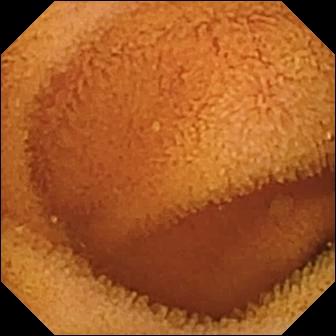Normal clean mucosa — VCE snapshot.